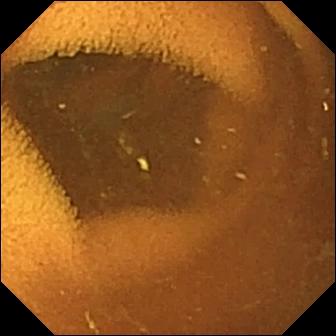{"modality": "VCE", "segment": "small bowel", "finding": "normal clean mucosa"}